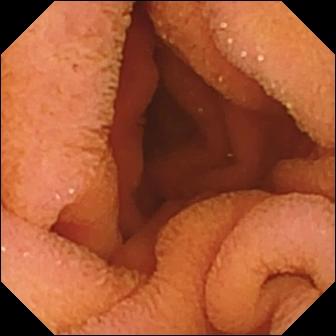Q: What does this VCE view of the small bowel show?
A: Normal clean mucosa.